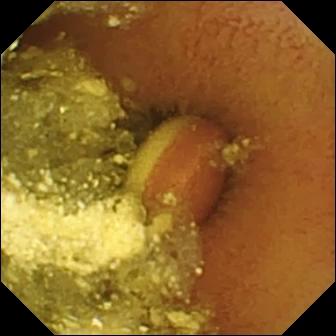modality: small-bowel capsule endoscopy | label: foreign body (e.g. retained capsule, tablet residue)